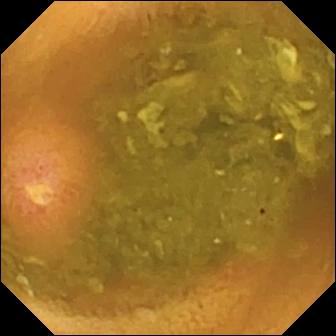PROCEDURE: Small-bowel capsule endoscopy.
FINDINGS: Ulcer.